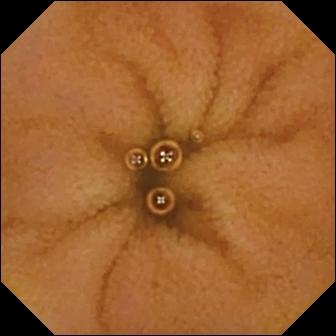Wireless capsule endoscopy. Small bowel. Impression: normal clean mucosa.